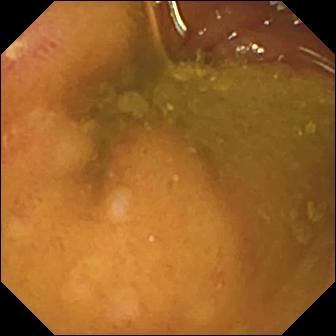PROCEDURE: Capsule endoscopy.
FINDINGS: Ulcer.